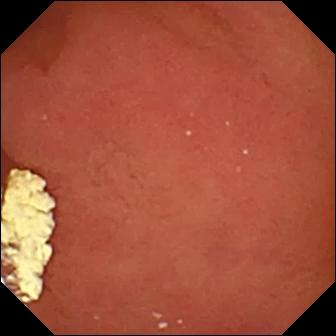{"modality": "capsule endoscopy", "video_segment": "pylorus region (the junction between the stomach and the small bowel)"}